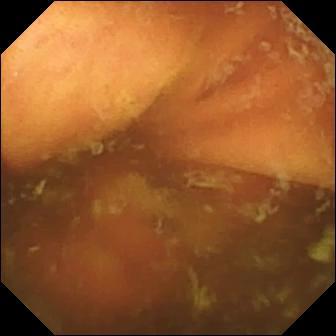PROCEDURE: Wireless capsule endoscopy.
VIDEO SEGMENT: Ileo-cecal valve region (where the capsule passes from the small bowel into the large bowel).